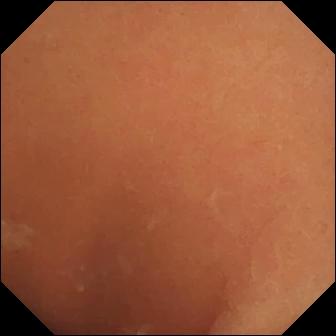WCE image. Normal clean mucosa.